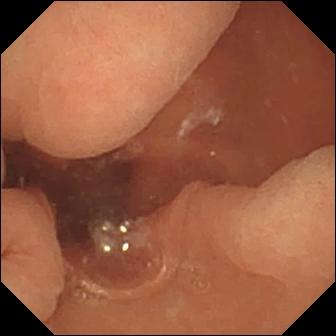Normal clean mucosa — video capsule endoscopy image.